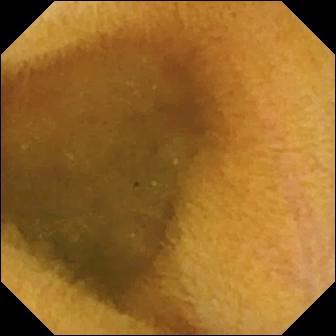PROCEDURE: Small-bowel capsule endoscopy.
SEGMENT: Small intestine.
FINDINGS: Normal clean mucosa.